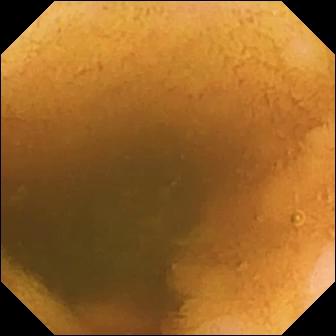This small-bowel capsule endoscopy snapshot shows normal clean mucosa.